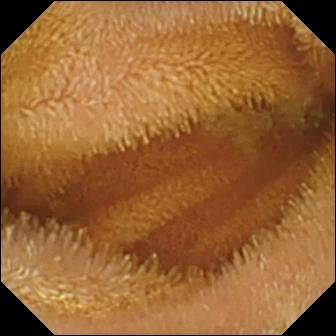Normal clean mucosa — capsule endoscopy image of the small intestine.